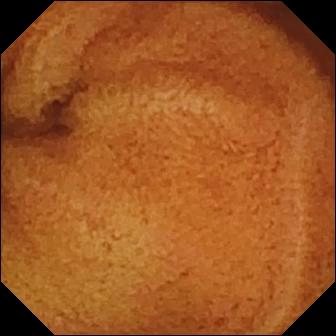{"modality": "video capsule endoscopy", "segment": "small bowel", "finding": "normal clean mucosa"}